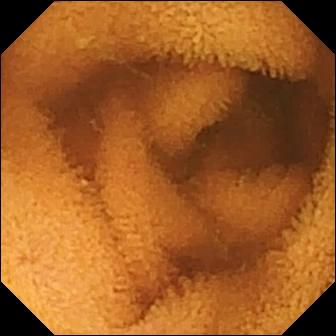Wireless capsule endoscopy — normal clean mucosa.